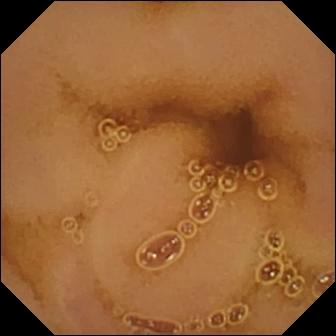Small-bowel capsule endoscopy frame (small bowel), 336×336. Normal clean mucosa.